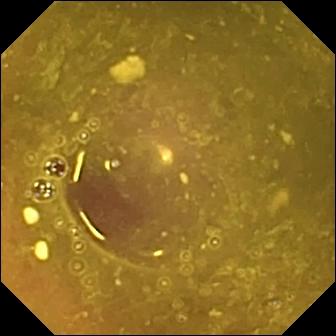Capsule endoscopy frame, 336×336. Reduced mucosal view (content or bubbles obscuring the mucosa).